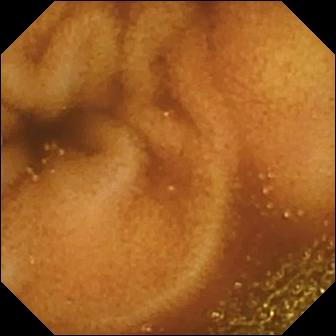modality: WCE; category: luminal finding; finding: normal clean mucosa